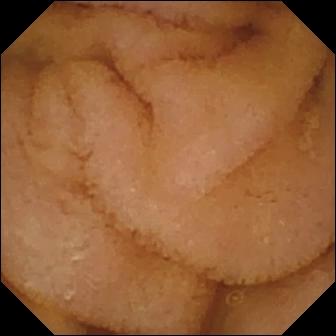- modality: small-bowel capsule endoscopy
- segment: small intestine
- impression: normal clean mucosa